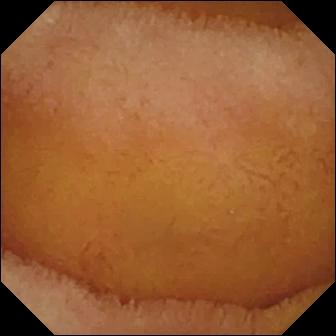This capsule endoscopy snapshot shows normal clean mucosa.